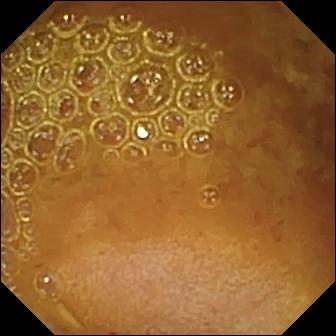Wireless capsule endoscopy. Small intestine. Impression: reduced mucosal view (content or bubbles obscuring the mucosa).